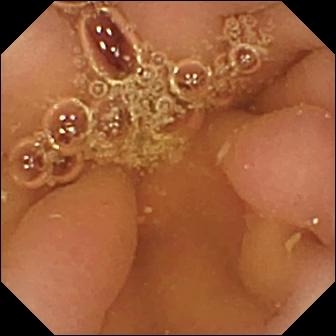Capsule endoscopy still
Location: pylorus region (the junction between the stomach and the small bowel)